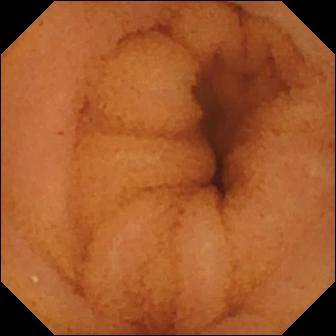PROCEDURE: VCE.
SEGMENT: Small bowel.
FINDINGS: Normal clean mucosa.